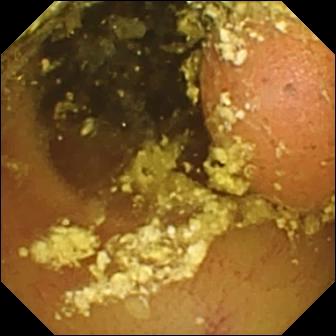Capsule endoscopy snapshot
Label: foreign body (e.g. retained capsule, tablet residue)